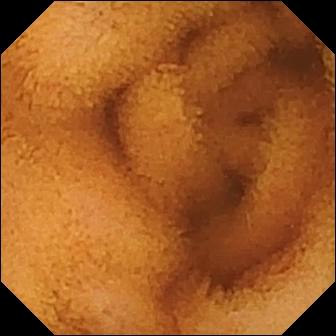Normal clean mucosa.